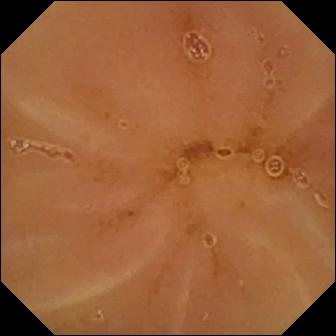WCE still (small intestine). Normal clean mucosa.